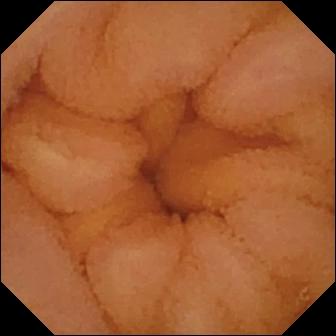Wireless capsule endoscopy image. Normal clean mucosa.